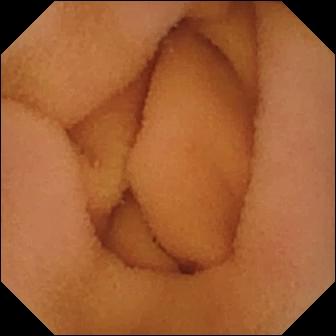Q: What does this video capsule endoscopy snapshot show?
A: Normal clean mucosa.